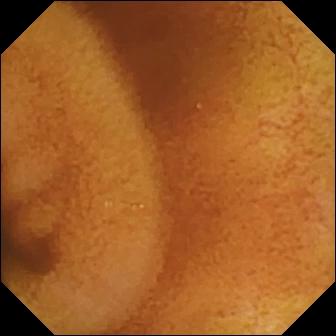{"modality": "WCE", "finding": "normal clean mucosa"}